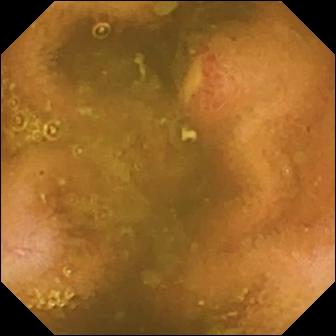Ulcer — capsule endoscopy frame.